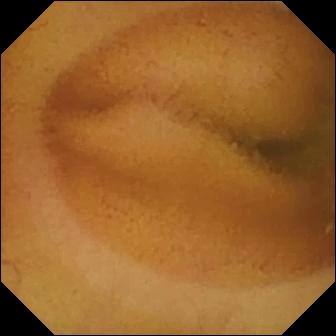{"modality": "capsule endoscopy", "category": "luminal finding", "finding": "normal clean mucosa"}